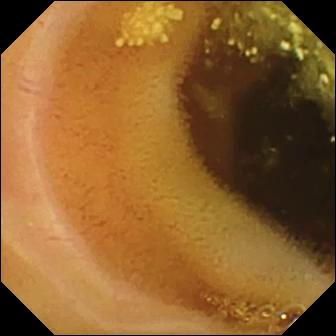{"modality": "WCE", "finding": "lymphangiectasia"}